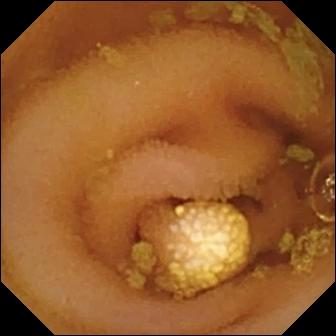Q: What does this VCE view show?
A: Lymphangiectasia.